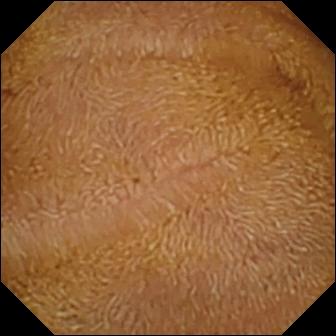Normal clean mucosa — WCE image of the small intestine.